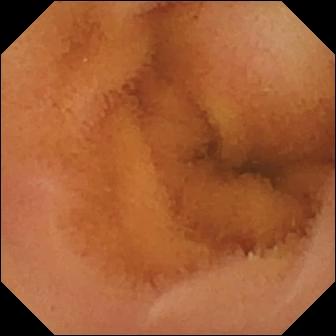PROCEDURE: Small-bowel capsule endoscopy.
SEGMENT: Small intestine.
FINDINGS: Normal clean mucosa.